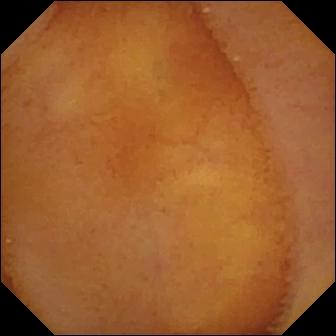modality: video capsule endoscopy | category: luminal finding | label: normal clean mucosa